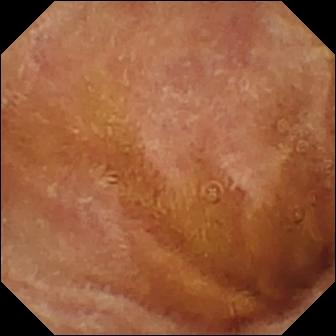This small-bowel capsule endoscopy view of the small bowel shows normal clean mucosa.